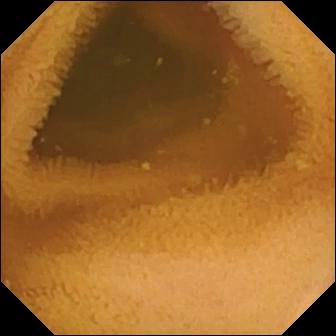PROCEDURE: Video capsule endoscopy.
FINDINGS: Normal clean mucosa.